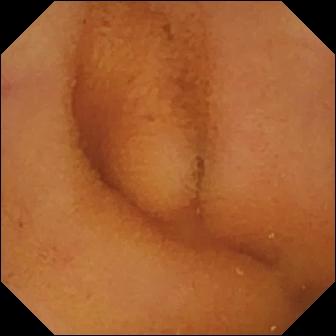Video capsule endoscopy view, small bowel
Label: normal clean mucosa